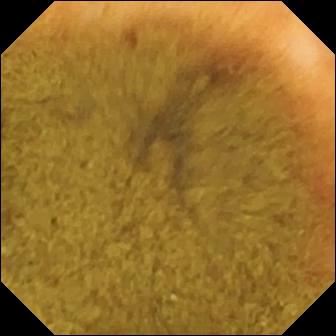Q: Where in the digestive tract was this VCE still taken?
A: Ileo-cecal valve region (where the capsule passes from the small bowel into the large bowel).